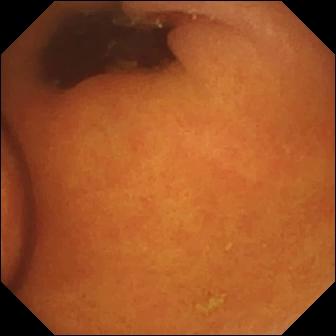modality: capsule endoscopy; category: luminal finding; observation: foreign body (e.g. retained capsule, tablet residue)